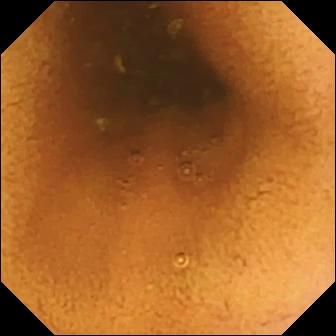WCE view (small intestine). Normal clean mucosa.